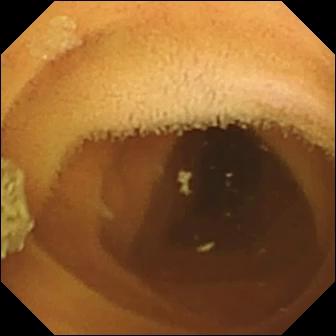Small-bowel capsule endoscopy snapshot, small intestine
Label: normal clean mucosa